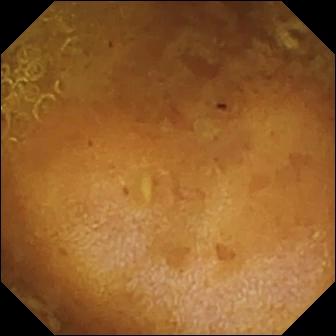- modality: small-bowel capsule endoscopy
- segment: small bowel
- finding: reduced mucosal view (content or bubbles obscuring the mucosa)